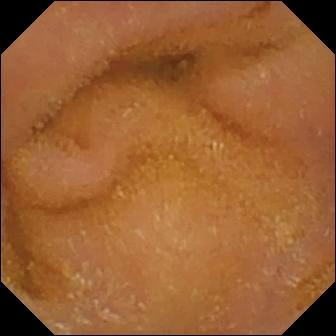{"modality": "video capsule endoscopy", "segment": "small intestine", "category": "luminal finding", "finding": "normal clean mucosa"}